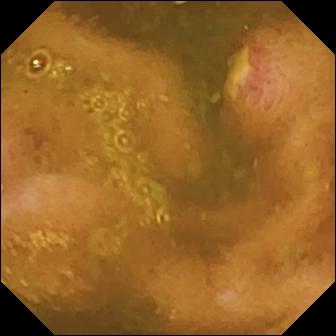Video capsule endoscopy view showing ulcer.